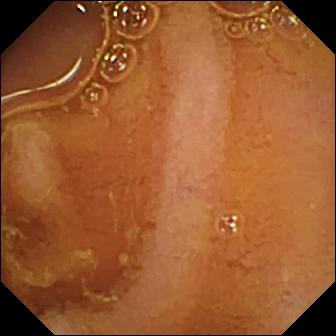This WCE still shows normal clean mucosa.